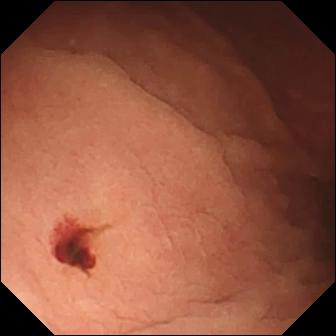- modality: wireless capsule endoscopy
- category: luminal finding
- finding: angiectasia